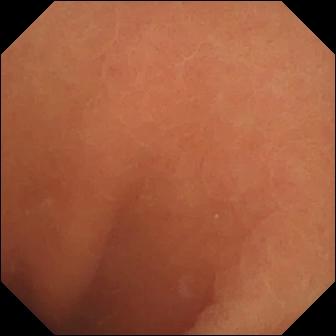Video capsule endoscopy frame showing normal clean mucosa.